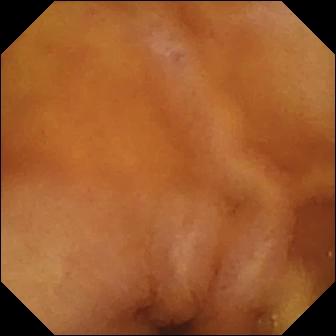- modality: small-bowel capsule endoscopy
- category: luminal finding
- label: normal clean mucosa